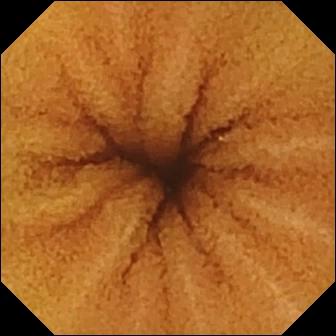Normal clean mucosa.